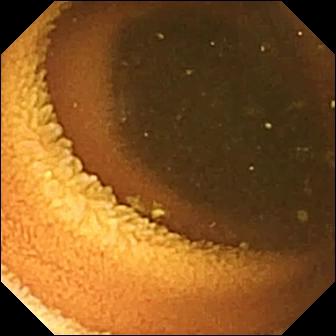modality: wireless capsule endoscopy
observation: normal clean mucosa